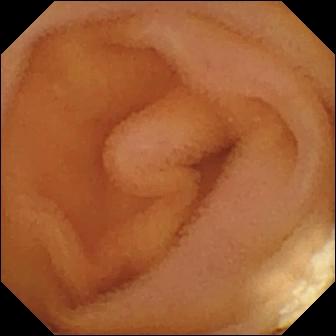Small-bowel capsule endoscopy still showing lymphangiectasia.